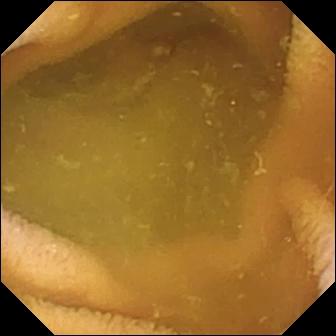Capsule endoscopy snapshot
Observation: normal clean mucosa